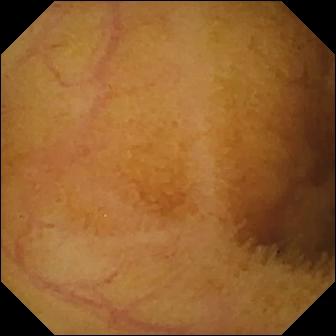PROCEDURE: Small-bowel capsule endoscopy.
FINDINGS: Normal clean mucosa.